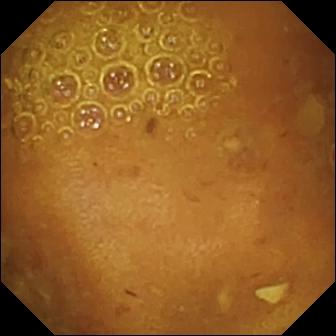WCE image. Reduced mucosal view (content or bubbles obscuring the mucosa).